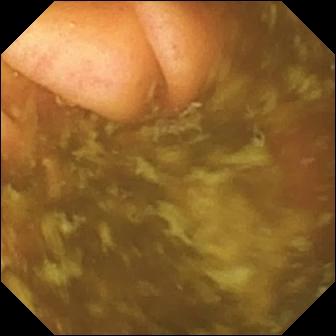Capsule endoscopy. Label: ileo-cecal valve region (where the capsule passes from the small bowel into the large bowel).